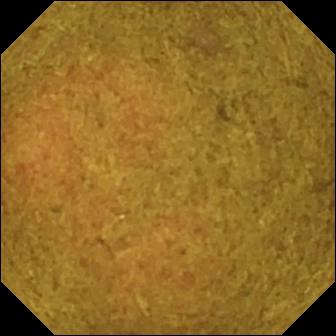This wireless capsule endoscopy frame was taken in the ileo-cecal valve region (where the capsule passes from the small bowel into the large bowel).